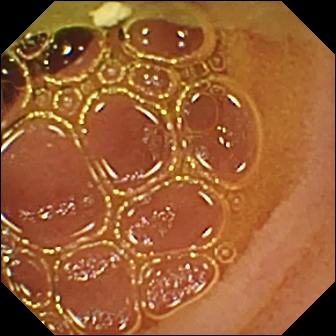{"modality": "wireless capsule endoscopy", "finding": "normal clean mucosa"}